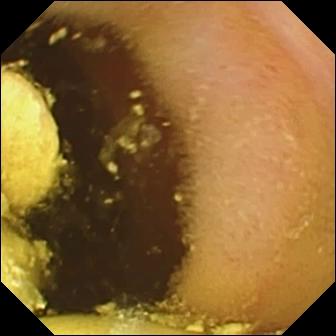modality: WCE
category: luminal finding
finding: foreign body (e.g. retained capsule, tablet residue)